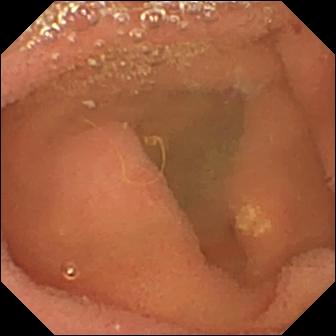Lymphangiectasia — capsule endoscopy still.